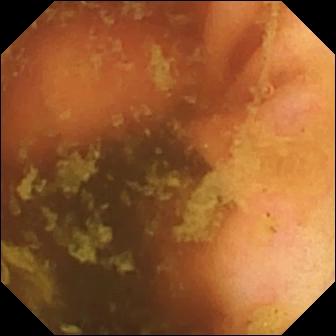WCE image
Location: ileo-cecal valve region (where the capsule passes from the small bowel into the large bowel)